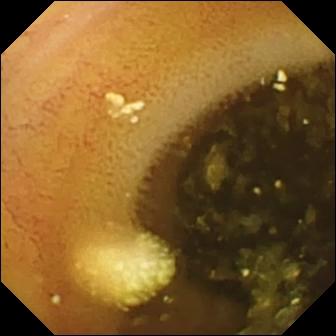Q: What does this WCE still show?
A: Lymphangiectasia.